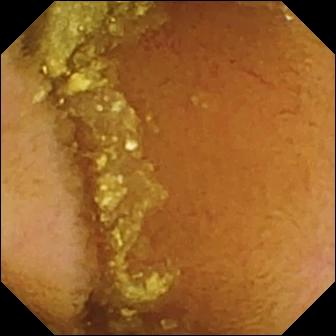Q: What does this WCE frame of the small intestine show?
A: Normal clean mucosa.